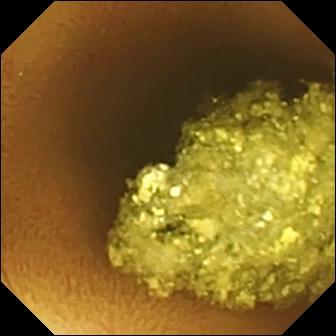This VCE image shows normal clean mucosa.